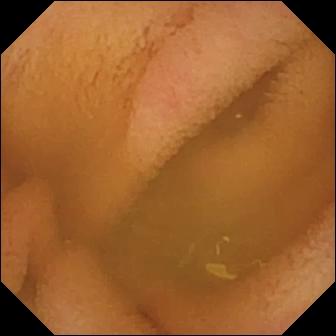- modality: small-bowel capsule endoscopy
- segment: small bowel
- observation: normal clean mucosa